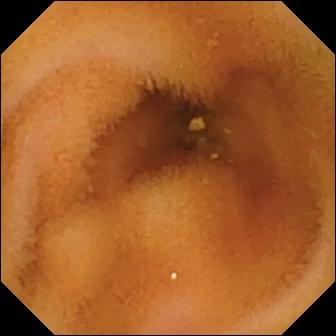Normal clean mucosa — small-bowel capsule endoscopy frame of the small bowel.